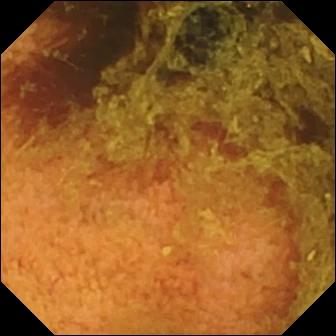modality: video capsule endoscopy; category: luminal finding; label: normal clean mucosa